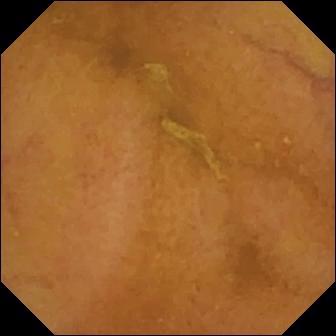Normal clean mucosa — wireless capsule endoscopy frame of the small intestine.